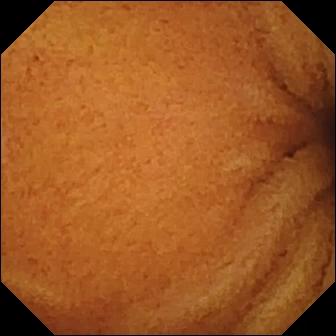Wireless capsule endoscopy — normal clean mucosa.